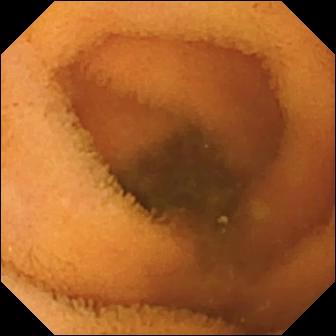PROCEDURE: WCE.
FINDINGS: Normal clean mucosa.